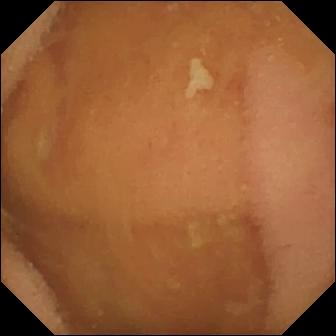Small-bowel capsule endoscopy — normal clean mucosa.